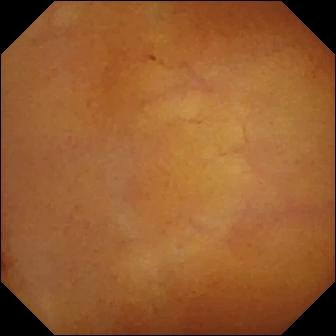This WCE view shows normal clean mucosa.